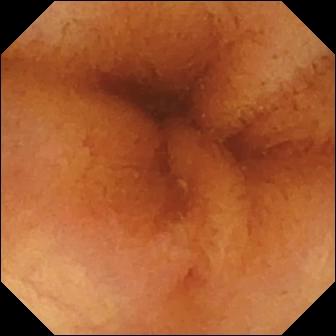Q: What does this small-bowel capsule endoscopy view of the small bowel show?
A: Normal clean mucosa.